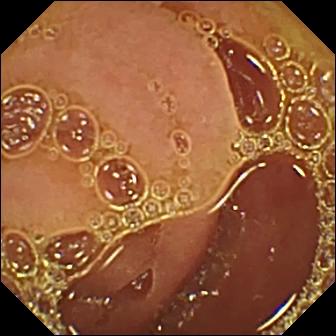{"modality": "video capsule endoscopy", "category": "luminal finding", "finding": "normal clean mucosa"}